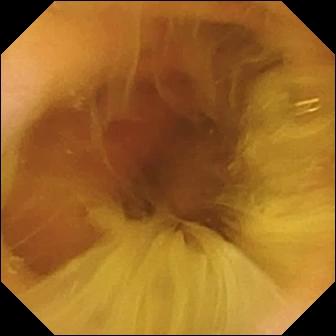- modality: wireless capsule endoscopy
- finding: normal clean mucosa